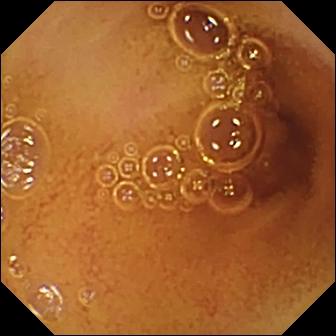Small-bowel capsule endoscopy view
Observation: normal clean mucosa